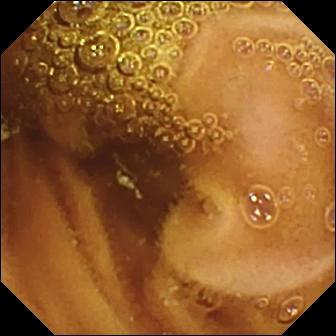PROCEDURE: Wireless capsule endoscopy.
FINDINGS: Normal clean mucosa.